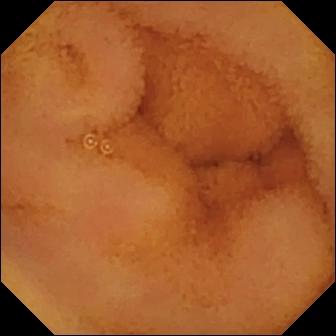modality: wireless capsule endoscopy; segment: small intestine; finding: normal clean mucosa